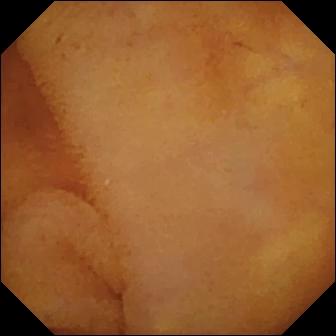Normal clean mucosa.